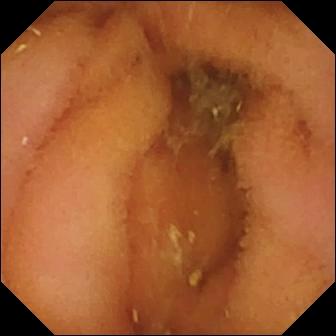Q: What does this wireless capsule endoscopy view show?
A: Normal clean mucosa.